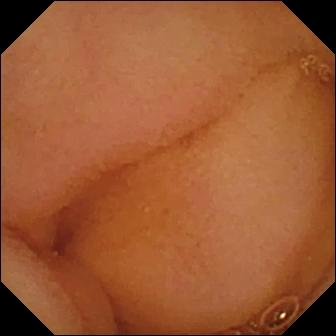VCE. Finding: normal clean mucosa.